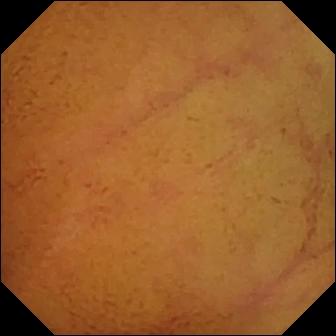{"modality": "small-bowel capsule endoscopy", "segment": "small intestine", "category": "luminal finding", "finding": "normal clean mucosa"}